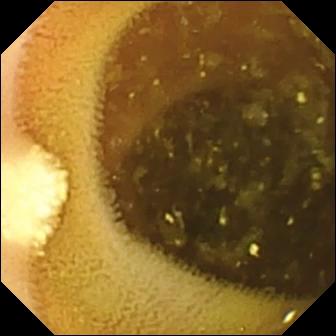This capsule endoscopy view shows lymphangiectasia.